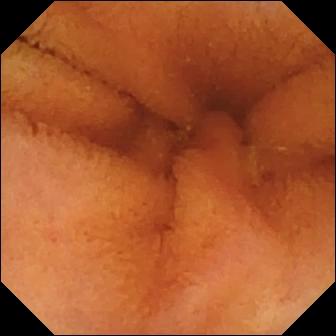Q: What does this wireless capsule endoscopy image of the small intestine show?
A: Normal clean mucosa.